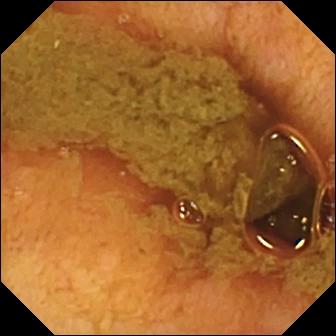{"modality": "VCE", "category": "anatomical landmark", "video_segment": "ileo-cecal valve region (where the capsule passes from the small bowel into the large bowel)"}